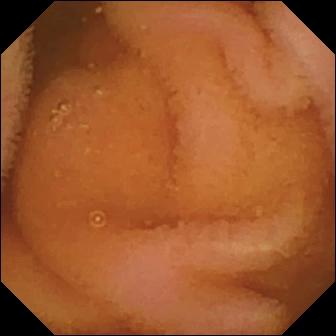Small-bowel capsule endoscopy image (small bowel), 336×336. Normal clean mucosa.